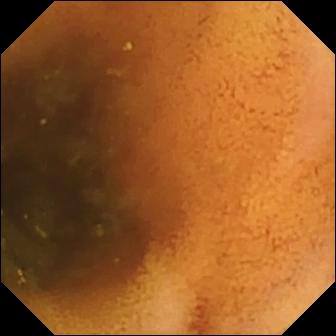This capsule endoscopy view of the small intestine shows normal clean mucosa.